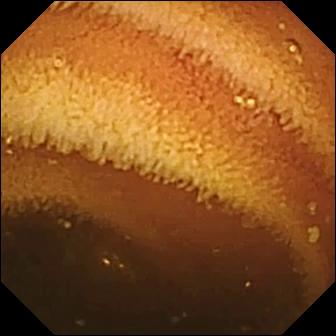Video capsule endoscopy view (small intestine). Normal clean mucosa.